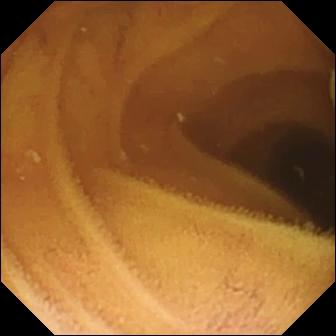PROCEDURE: Video capsule endoscopy.
FINDINGS: Normal clean mucosa.